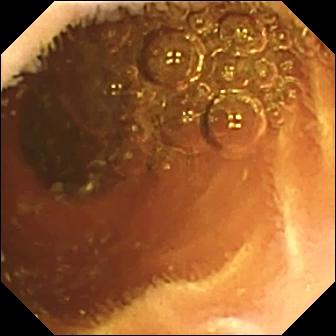Q: What does this small-bowel capsule endoscopy still of the small intestine show?
A: Normal clean mucosa.